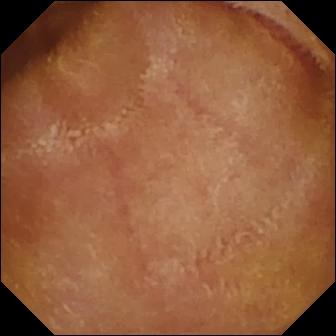This video capsule endoscopy frame shows normal clean mucosa.